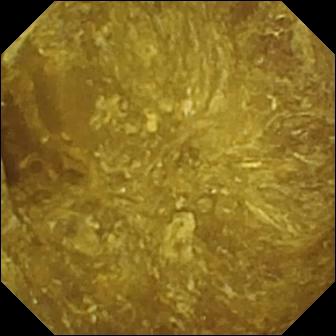modality: capsule endoscopy | segment: small intestine | impression: reduced mucosal view (content or bubbles obscuring the mucosa)